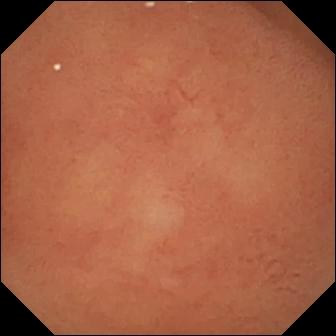Normal clean mucosa.